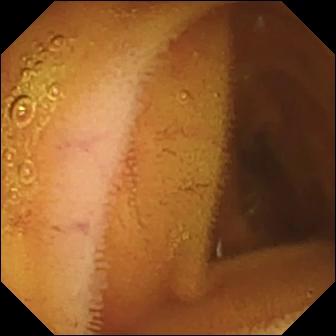Wireless capsule endoscopy still of the small intestine showing normal clean mucosa.